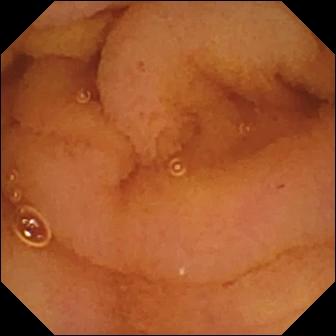Video capsule endoscopy image, small intestine
Finding: normal clean mucosa